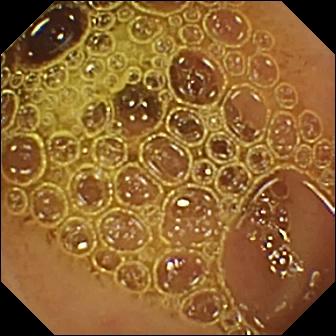- modality: video capsule endoscopy
- label: normal clean mucosa